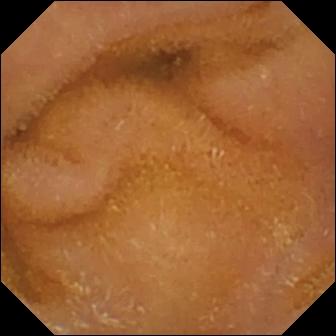This wireless capsule endoscopy still shows normal clean mucosa.